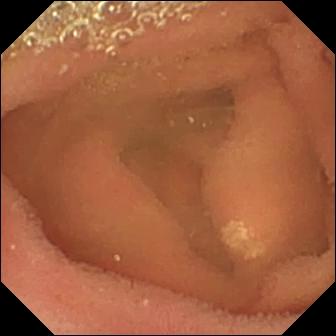PROCEDURE: Capsule endoscopy.
FINDINGS: Lymphangiectasia.